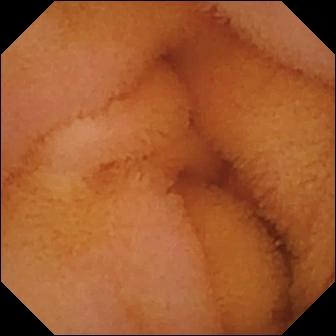Q: What does this small-bowel capsule endoscopy view show?
A: Normal clean mucosa.